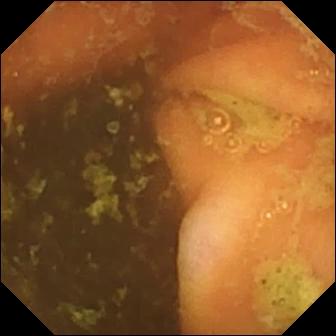{"modality": "VCE", "location": "ileo-cecal valve region (where the capsule passes from the small bowel into the large bowel)"}